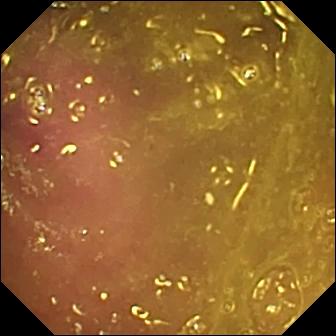{"modality": "video capsule endoscopy", "segment": "small intestine", "category": "luminal finding", "finding": "reduced mucosal view (content or bubbles obscuring the mucosa)"}